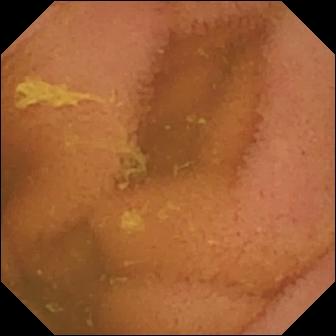Normal clean mucosa — video capsule endoscopy image of the small bowel.